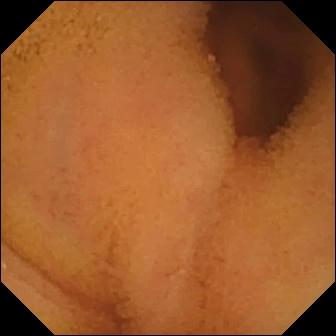{"modality": "WCE", "category": "luminal finding", "finding": "normal clean mucosa"}